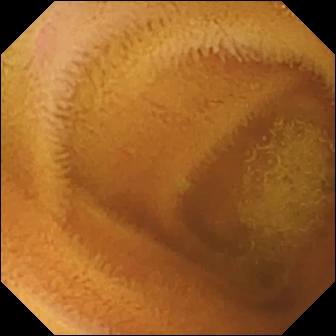VCE view (small intestine). Normal clean mucosa.